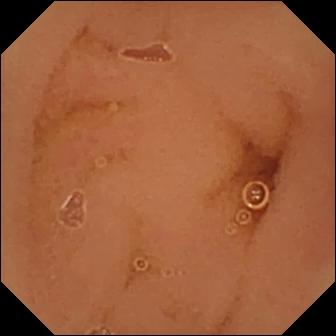WCE snapshot
Observation: normal clean mucosa